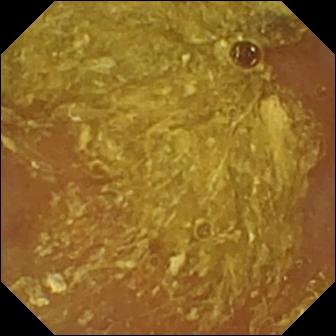Reduced mucosal view (content or bubbles obscuring the mucosa).